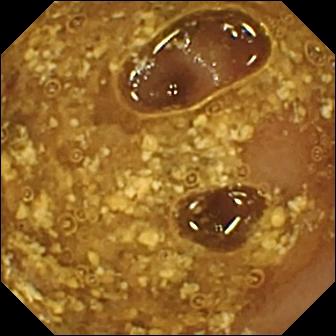Wireless capsule endoscopy frame, small intestine
Observation: reduced mucosal view (content or bubbles obscuring the mucosa)